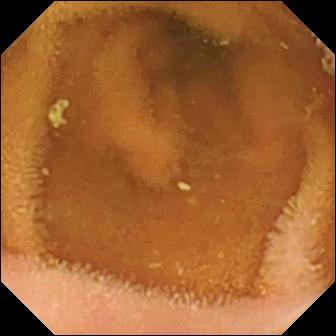- modality: video capsule endoscopy
- impression: normal clean mucosa